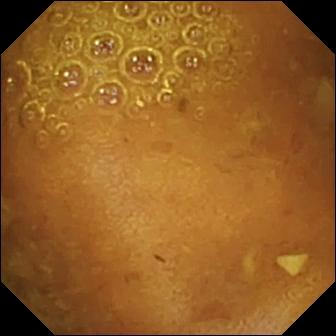Capsule endoscopy image
Impression: reduced mucosal view (content or bubbles obscuring the mucosa)